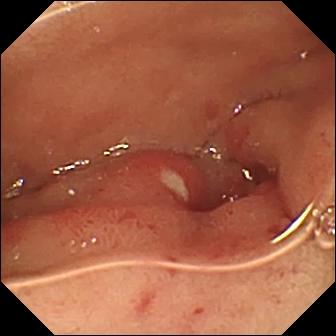This WCE view shows ulcer.